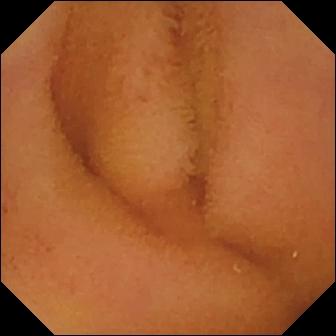Video capsule endoscopy snapshot. Normal clean mucosa.